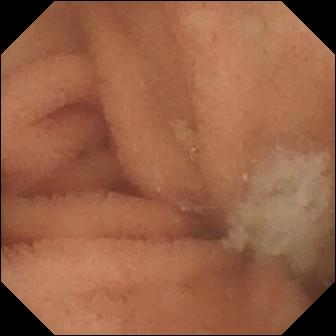Normal clean mucosa — wireless capsule endoscopy still.